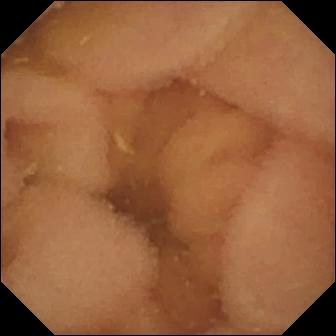Q: What does this small-bowel capsule endoscopy still of the small bowel show?
A: Normal clean mucosa.